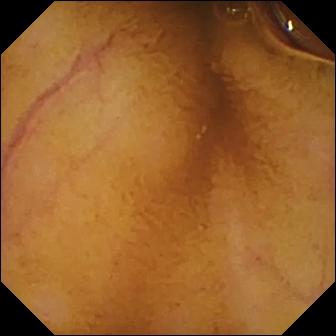Wireless capsule endoscopy — normal clean mucosa.